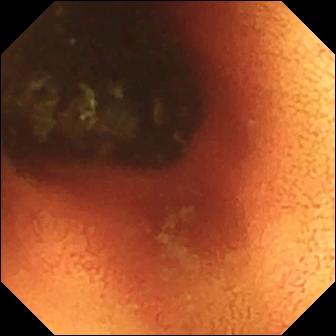modality: video capsule endoscopy; label: ileo-cecal valve region (the transition from the small bowel to the large bowel)